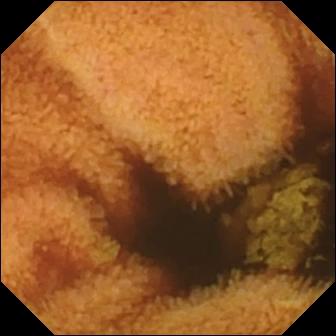This wireless capsule endoscopy still of the small intestine shows normal clean mucosa.